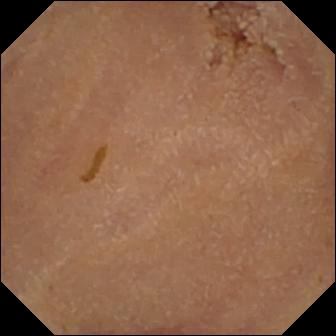modality: video capsule endoscopy | segment: small bowel | finding: normal clean mucosa